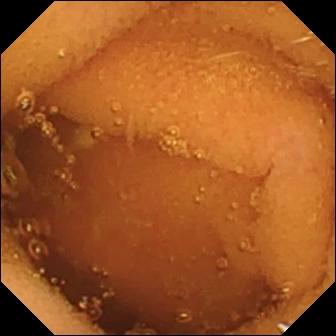WCE snapshot showing normal clean mucosa.